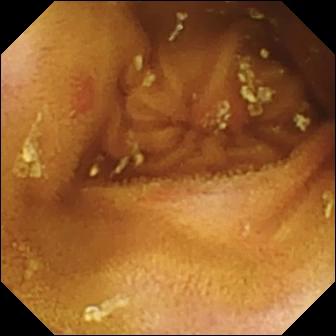VCE. Impression: erosion.